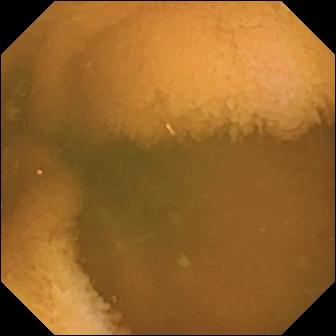modality: WCE; label: normal clean mucosa